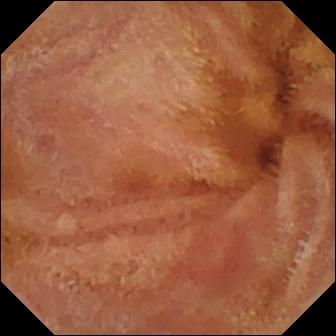Capsule endoscopy — normal clean mucosa.